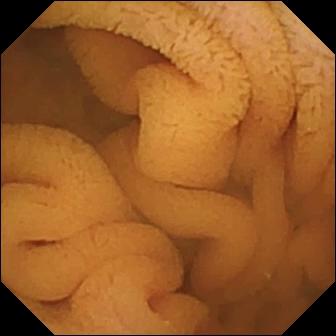Q: What does this VCE snapshot show?
A: Normal clean mucosa.